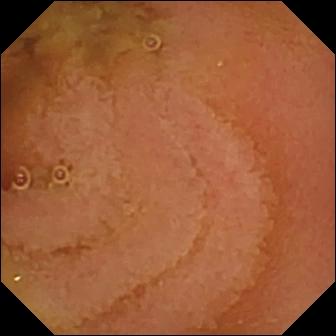- modality: VCE
- segment: small bowel
- label: normal clean mucosa